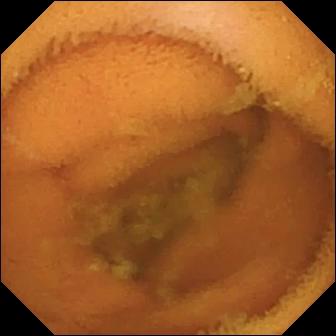VCE view (small intestine). Normal clean mucosa.